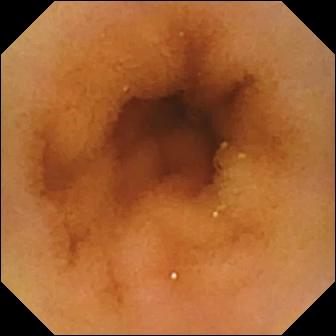Wireless capsule endoscopy view of the small bowel showing normal clean mucosa.